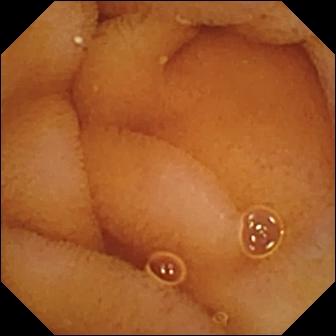modality: capsule endoscopy | segment: small bowel | impression: normal clean mucosa